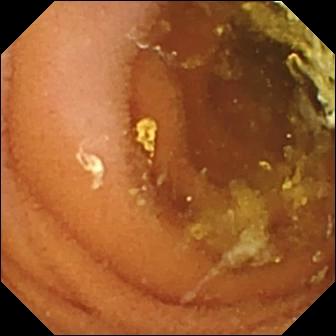PROCEDURE: Wireless capsule endoscopy.
FINDINGS: Normal clean mucosa.